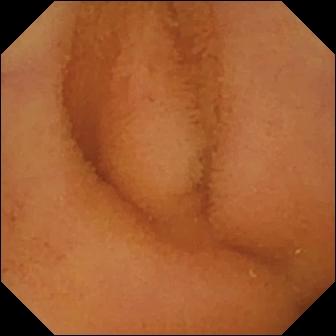Capsule endoscopy frame
Finding: normal clean mucosa